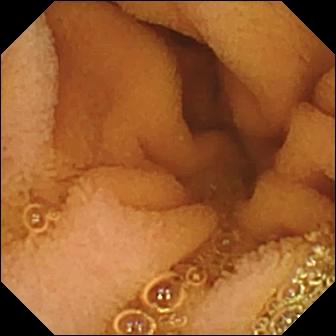Small-bowel capsule endoscopy — normal clean mucosa.